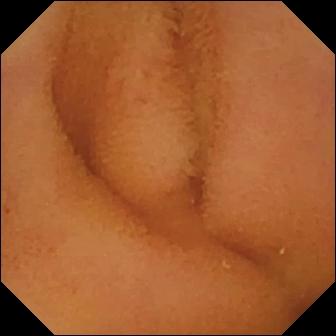Capsule endoscopy — normal clean mucosa.